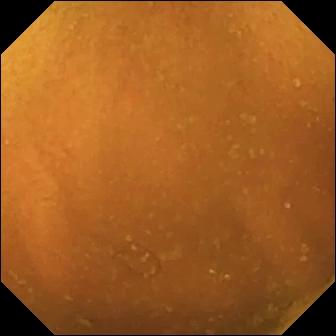Video capsule endoscopy snapshot of the small intestine showing normal clean mucosa.